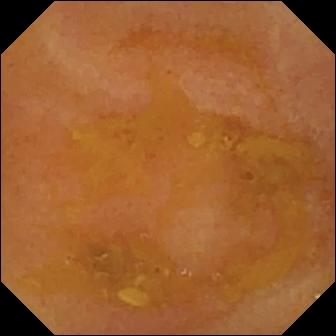modality: VCE | segment: small bowel | impression: reduced mucosal view (content or bubbles obscuring the mucosa)